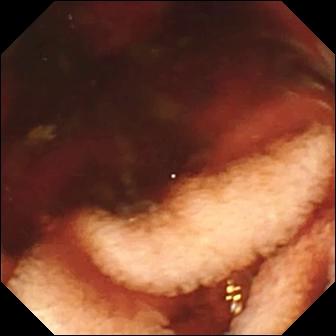WCE snapshot. Fresh blood in the lumen.